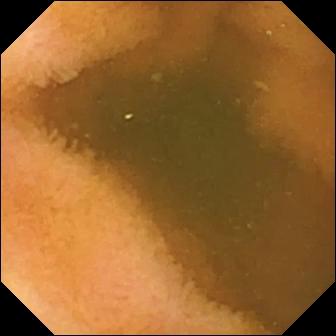Small-bowel capsule endoscopy — normal clean mucosa.